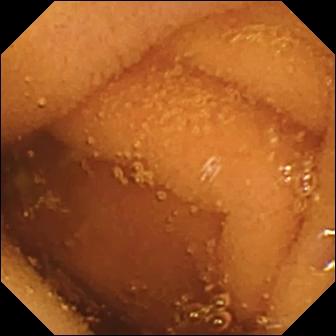Small-bowel capsule endoscopy still showing normal clean mucosa.